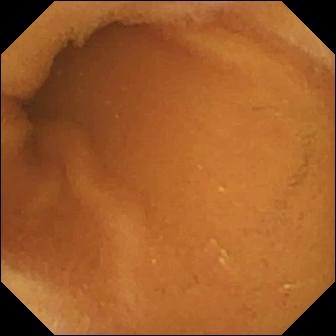Video capsule endoscopy snapshot showing normal clean mucosa.